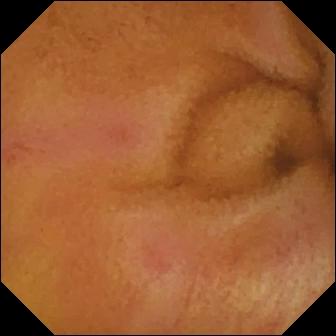VCE image showing erythema (mucosal redness).